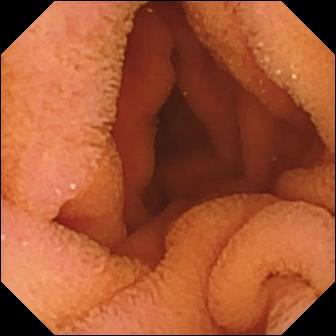This wireless capsule endoscopy frame shows normal clean mucosa.